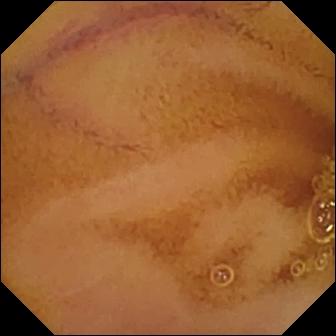Wireless capsule endoscopy. Finding: normal clean mucosa.